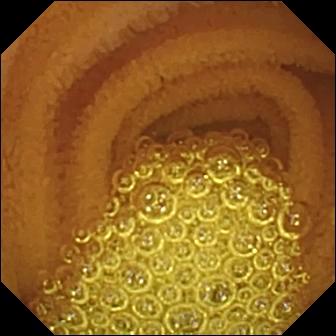Capsule endoscopy — normal clean mucosa.